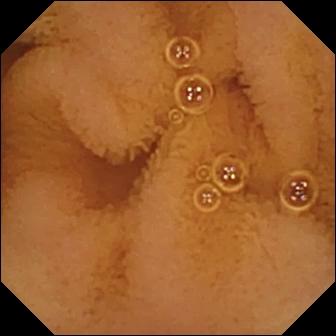- modality: wireless capsule endoscopy
- segment: small intestine
- category: luminal finding
- impression: normal clean mucosa